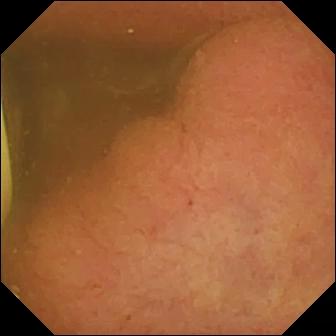Wireless capsule endoscopy. Luminal finding. Finding: foreign body (e.g. retained capsule, tablet residue).